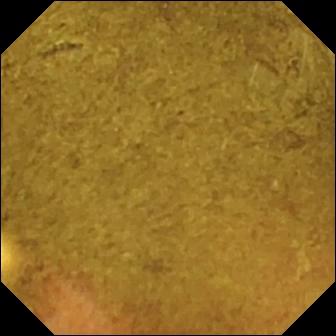Wireless capsule endoscopy still taken in the ileo-cecal valve region (where the capsule passes from the small bowel into the large bowel).